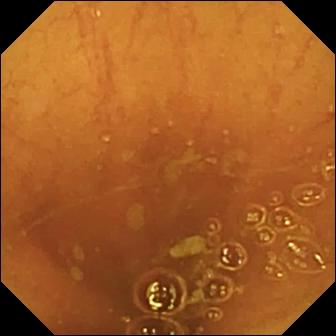Q: Where in the digestive tract was this small-bowel capsule endoscopy snapshot taken?
A: Ileo-cecal valve region.